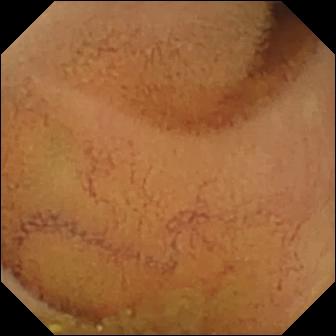Normal clean mucosa — capsule endoscopy snapshot of the small intestine.